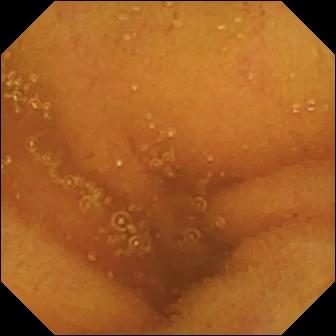Capsule endoscopy — normal clean mucosa.